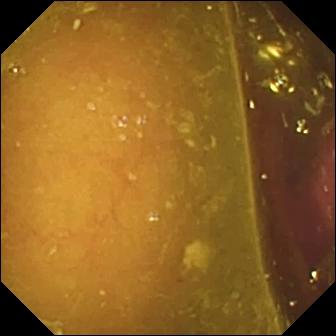Reduced mucosal view (content or bubbles obscuring the mucosa).